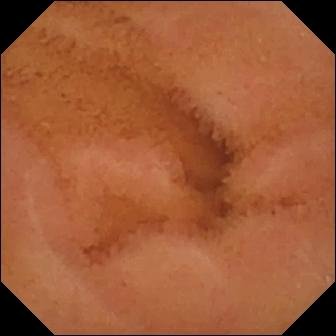modality: video capsule endoscopy | segment: small bowel | category: luminal finding | label: normal clean mucosa